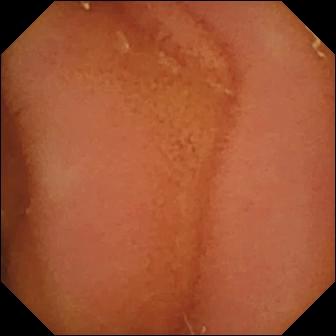modality: VCE; segment: small bowel; finding: normal clean mucosa